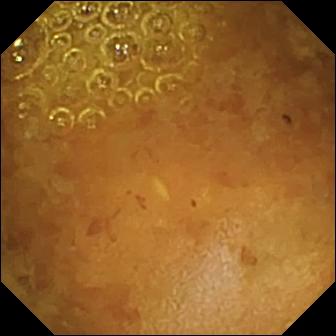This capsule endoscopy frame shows reduced mucosal view (content or bubbles obscuring the mucosa).